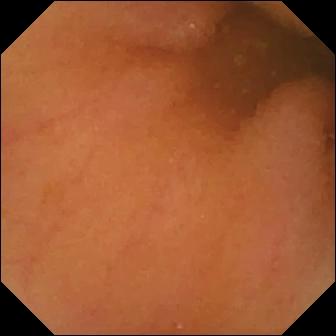VCE. Small intestine. Observation: normal clean mucosa.